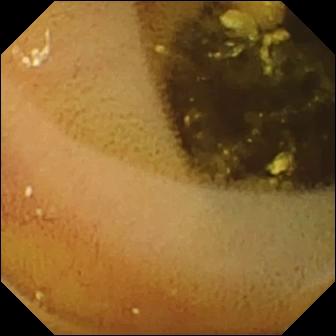WCE still showing lymphangiectasia.